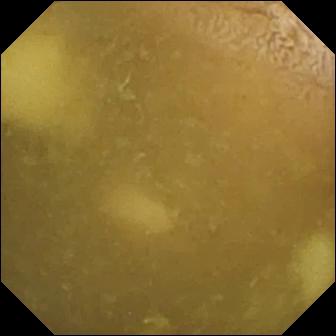Q: Where in the digestive tract was this capsule endoscopy image taken?
A: Ileo-cecal valve region (where the capsule passes from the small bowel into the large bowel).